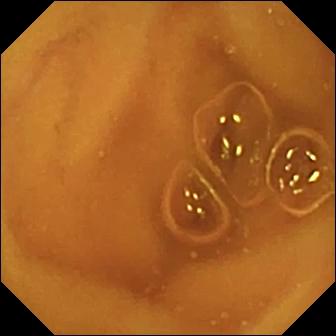Video capsule endoscopy still of the small bowel showing normal clean mucosa.